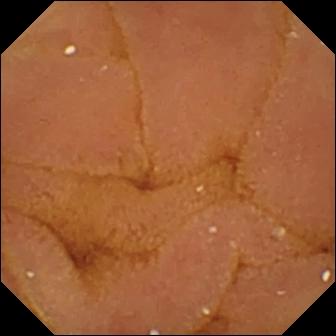VCE frame, small bowel
Observation: normal clean mucosa